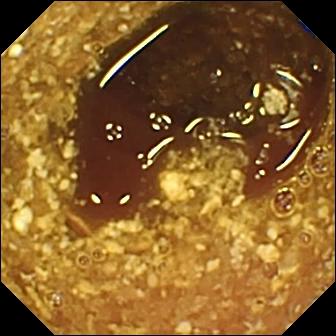Small-bowel capsule endoscopy image, 336×336. Reduced mucosal view (content or bubbles obscuring the mucosa).